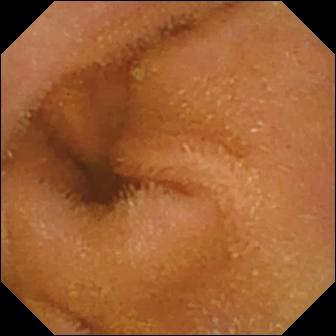WCE. Small bowel. Observation: normal clean mucosa.